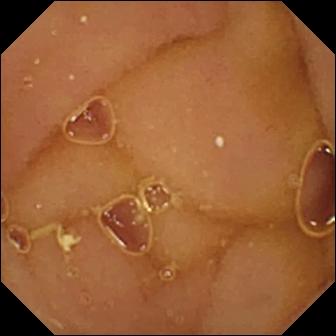- modality: wireless capsule endoscopy
- observation: normal clean mucosa